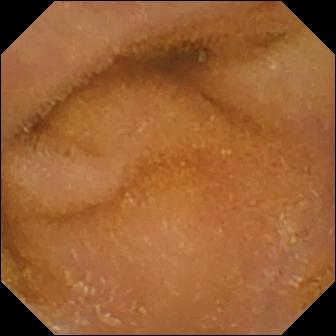This VCE still shows normal clean mucosa.